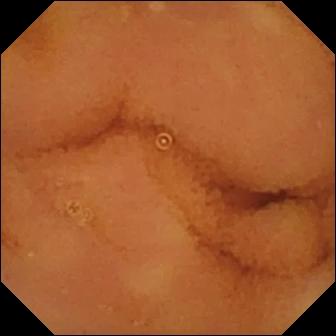Capsule endoscopy — normal clean mucosa.